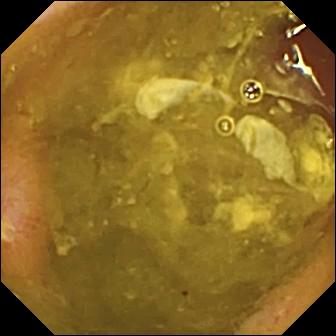{"modality": "WCE", "finding": "ulcer"}